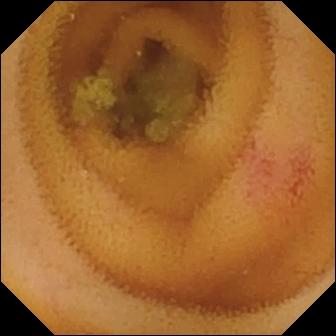Wireless capsule endoscopy still
Label: angiectasia